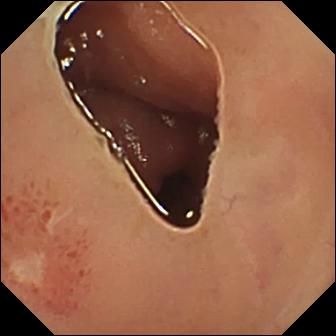- modality: VCE
- observation: ulcer